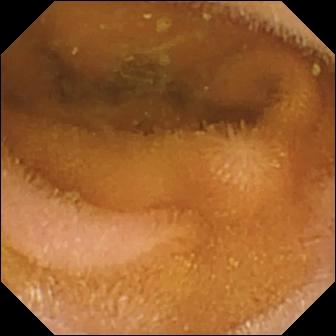Q: What does this small-bowel capsule endoscopy still of the small bowel show?
A: Normal clean mucosa.